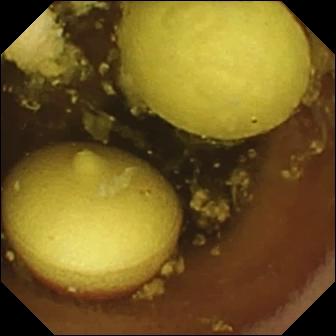WCE. Observation: foreign body (e.g. retained capsule, tablet residue).